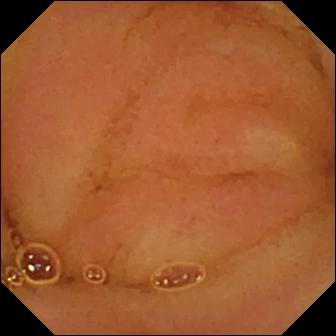Small-bowel capsule endoscopy snapshot showing normal clean mucosa.